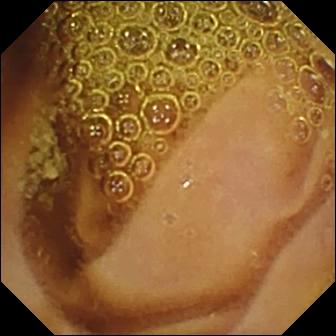Wireless capsule endoscopy view of the small bowel showing normal clean mucosa.